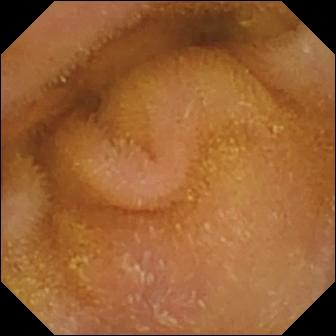Q: What does this small-bowel capsule endoscopy frame of the small bowel show?
A: Normal clean mucosa.